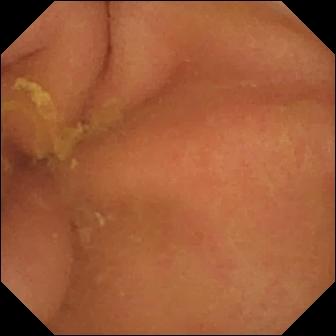{"modality": "WCE", "category": "anatomical landmark", "location": "pylorus region (the junction between the stomach and the small bowel)"}